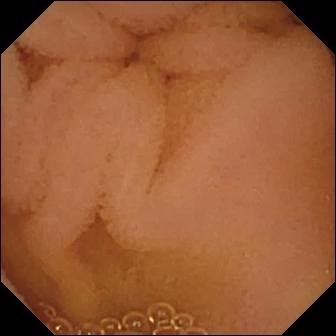Normal clean mucosa.